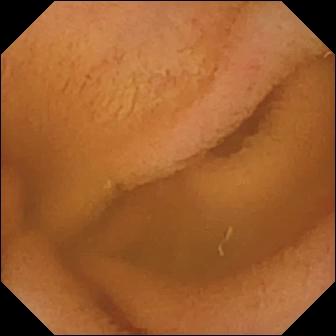Video capsule endoscopy — normal clean mucosa.